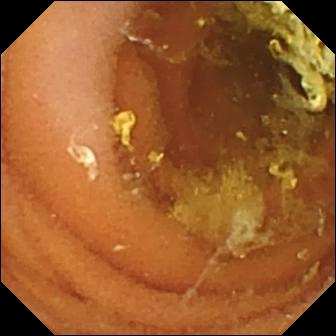Video capsule endoscopy image. Normal clean mucosa.